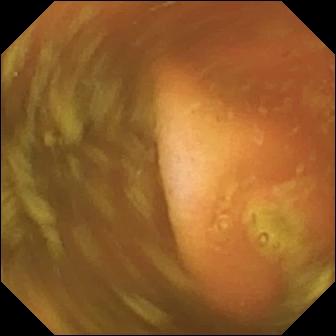PROCEDURE: VCE.
LABEL: Ileo-cecal valve region (where the capsule passes from the small bowel into the large bowel).